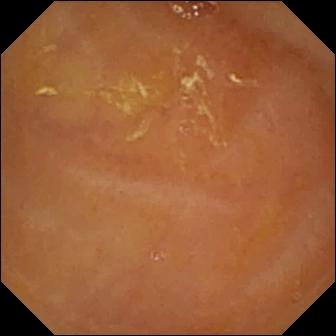Small-bowel capsule endoscopy view, small intestine
Finding: reduced mucosal view (content or bubbles obscuring the mucosa)